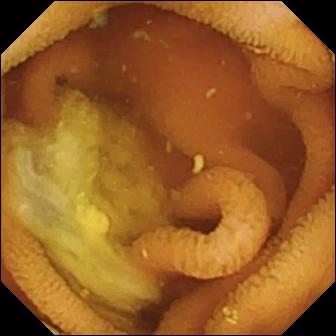Video capsule endoscopy. Observation: normal clean mucosa.